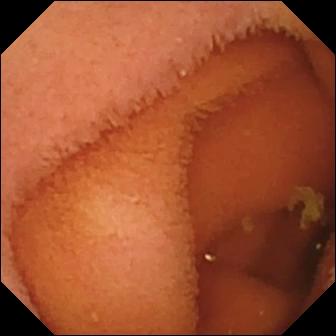Wireless capsule endoscopy frame showing normal clean mucosa.